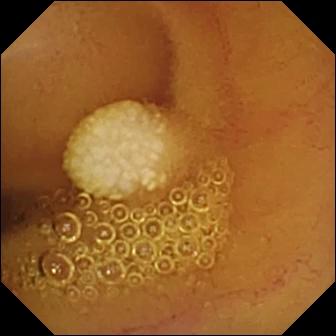modality: VCE
category: luminal finding
observation: lymphangiectasia